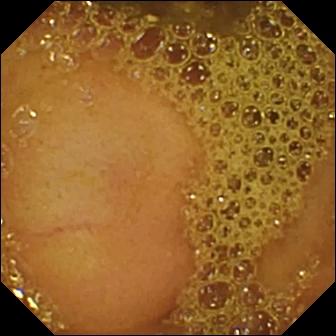{"modality": "small-bowel capsule endoscopy", "category": "anatomical landmark", "position": "ileo-cecal valve region"}